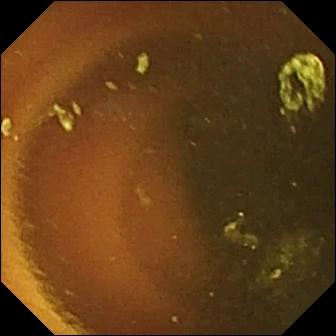- modality: wireless capsule endoscopy
- category: luminal finding
- impression: normal clean mucosa